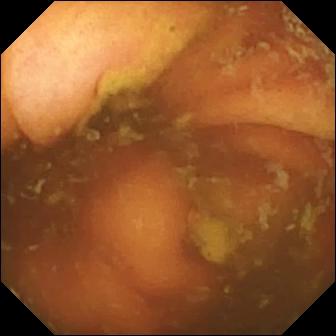Wireless capsule endoscopy frame taken in the ileo-cecal valve region (the transition from the small bowel to the large bowel).